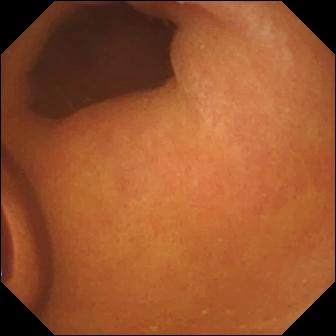PROCEDURE: VCE.
FINDINGS: Foreign body (e.g. retained capsule, tablet residue).